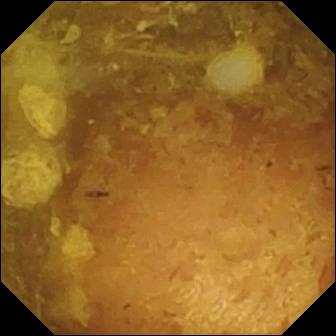Q: What does this video capsule endoscopy snapshot show?
A: Reduced mucosal view (content or bubbles obscuring the mucosa).